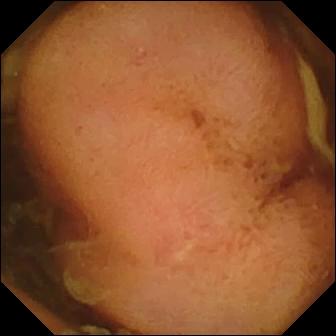This WCE still shows polyp.